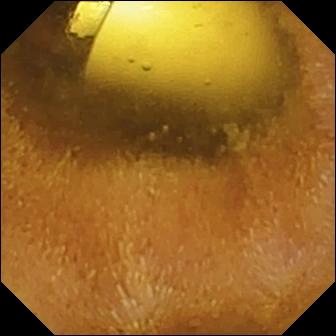PROCEDURE: VCE.
FINDINGS: Foreign body (e.g. retained capsule, tablet residue).